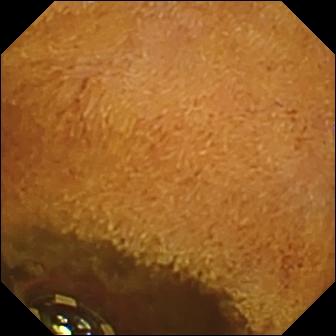Small-bowel capsule endoscopy. Label: foreign body (e.g. retained capsule, tablet residue).